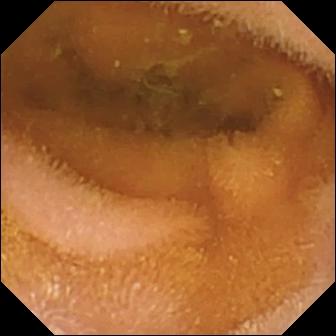Video capsule endoscopy view. Normal clean mucosa.